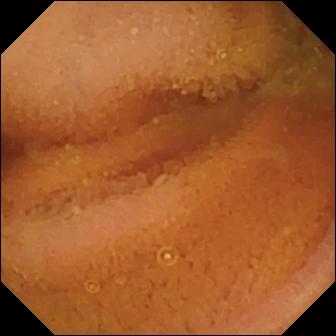Small-bowel capsule endoscopy. Small bowel. Label: normal clean mucosa.